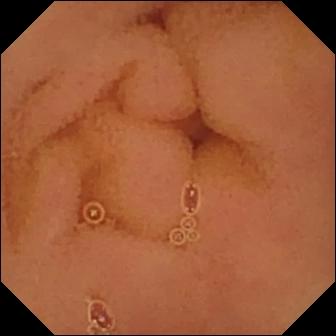- modality: video capsule endoscopy
- category: luminal finding
- finding: normal clean mucosa